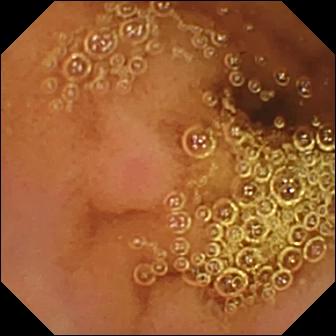Normal clean mucosa — WCE still of the small intestine.